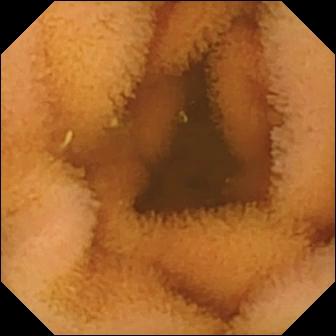- modality: VCE
- segment: small intestine
- impression: normal clean mucosa